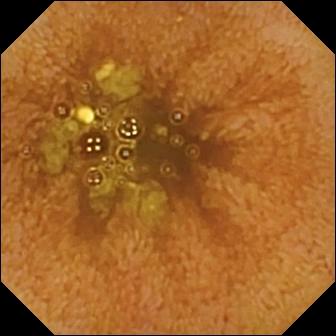Ileo-cecal valve region (where the capsule passes from the small bowel into the large bowel) — small-bowel capsule endoscopy snapshot.